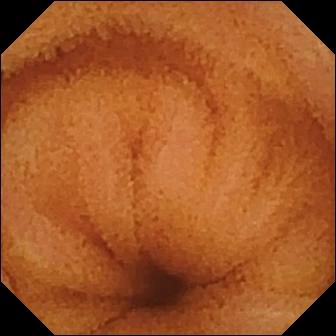Normal clean mucosa — VCE image of the small bowel.